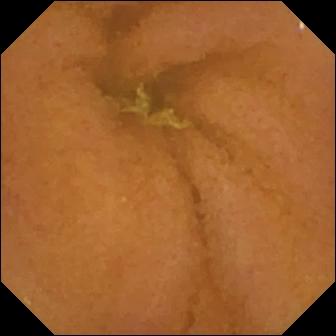Capsule endoscopy image of the small intestine showing normal clean mucosa.